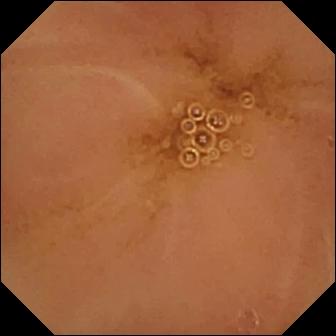Video capsule endoscopy image, 336×336. Normal clean mucosa.